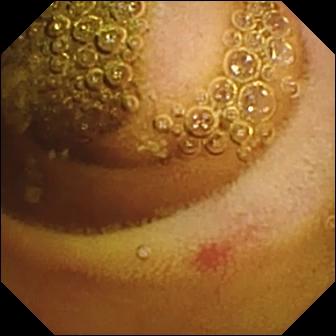Q: What does this video capsule endoscopy still show?
A: Erosion.